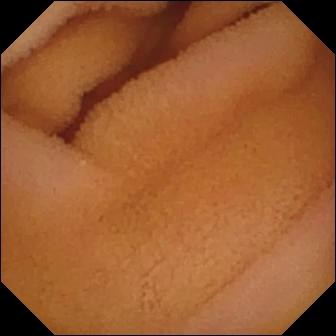Capsule endoscopy view of the small bowel showing normal clean mucosa.